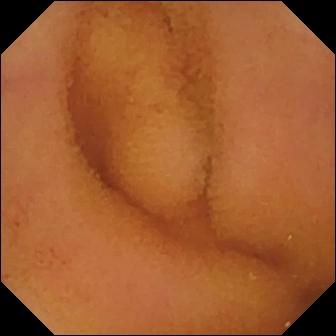Q: What does this wireless capsule endoscopy image show?
A: Normal clean mucosa.